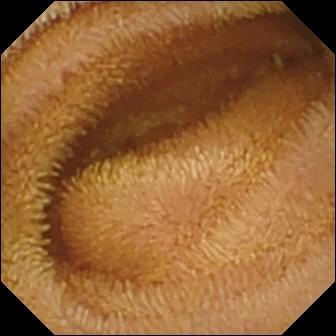{"modality": "video capsule endoscopy", "segment": "small intestine", "finding": "normal clean mucosa"}